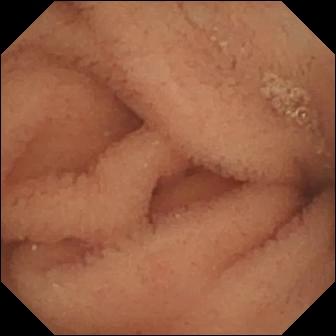Small-bowel capsule endoscopy still
Label: normal clean mucosa